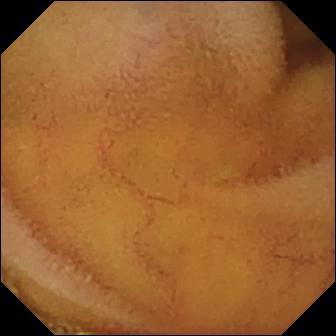Normal clean mucosa — VCE view.